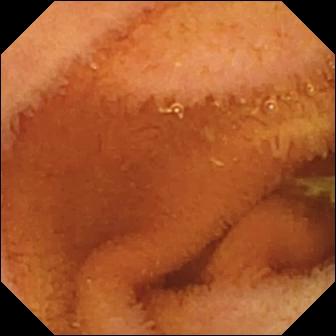This capsule endoscopy still shows normal clean mucosa.